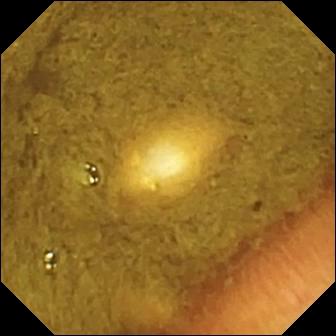Ileo-cecal valve region (the transition from the small bowel to the large bowel), 336×336.